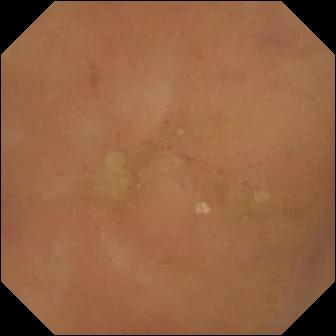Normal clean mucosa — capsule endoscopy snapshot.